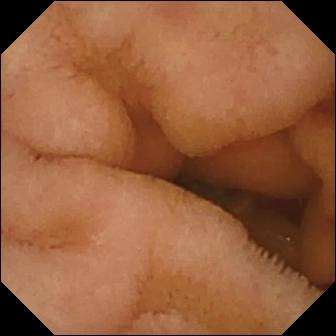Normal clean mucosa — small-bowel capsule endoscopy view of the small intestine.